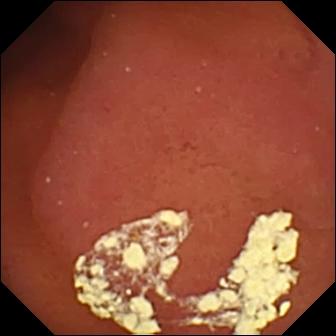VCE snapshot
Label: pylorus region (the junction between the stomach and the small bowel)